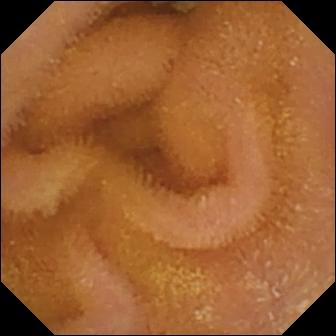Q: What does this video capsule endoscopy still of the small intestine show?
A: Normal clean mucosa.